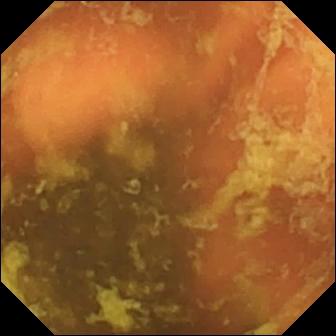Small-bowel capsule endoscopy frame, 336×336. Taken in the ileo-cecal valve region (where the capsule passes from the small bowel into the large bowel).